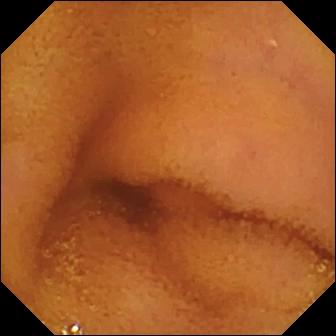Capsule endoscopy. Small intestine. Impression: normal clean mucosa.